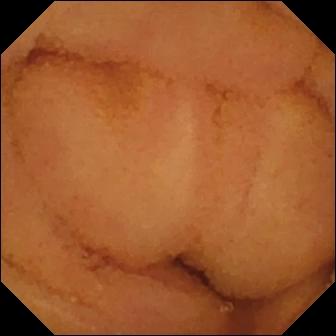Q: What does this VCE snapshot of the small bowel show?
A: Normal clean mucosa.